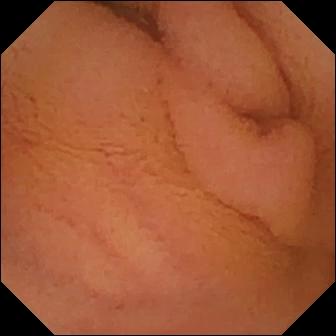Video capsule endoscopy — normal clean mucosa.